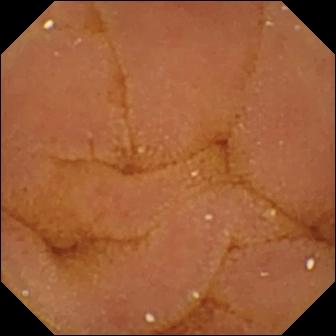This capsule endoscopy frame of the small bowel shows normal clean mucosa.